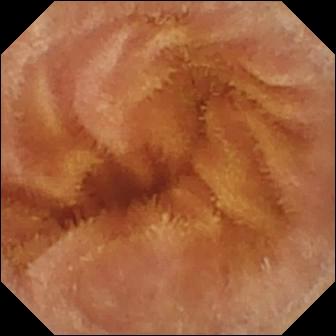This video capsule endoscopy image of the small intestine shows normal clean mucosa.